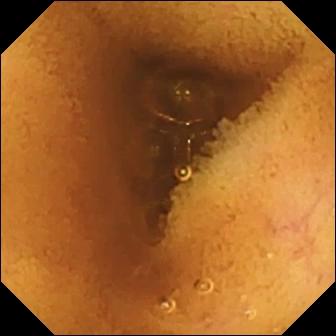WCE — normal clean mucosa.